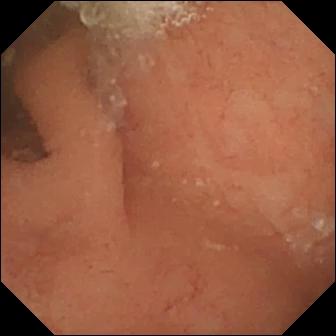This small-bowel capsule endoscopy still of the small intestine shows normal clean mucosa.